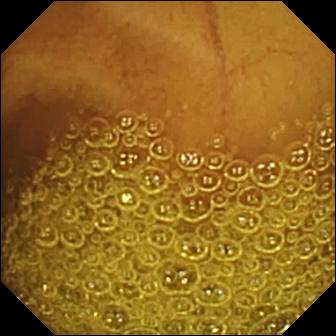Capsule endoscopy frame
Observation: normal clean mucosa